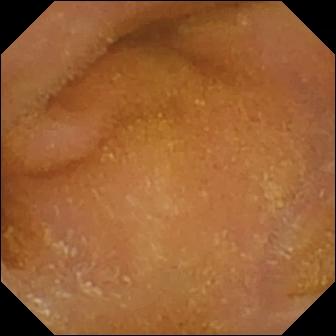{"modality": "small-bowel capsule endoscopy", "segment": "small bowel", "category": "luminal finding", "finding": "normal clean mucosa"}